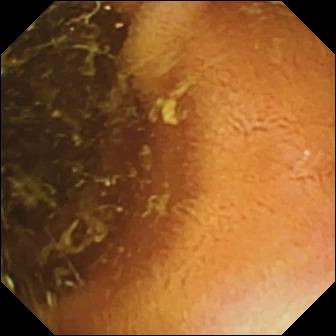{"modality": "WCE", "finding": "normal clean mucosa"}